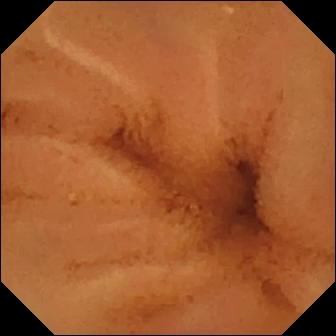This video capsule endoscopy snapshot of the small bowel shows normal clean mucosa.